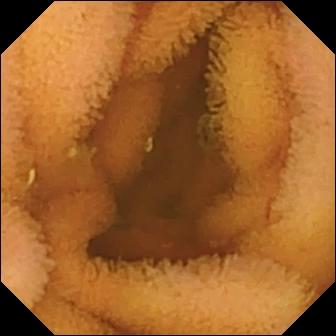Q: What does this WCE snapshot of the small intestine show?
A: Normal clean mucosa.